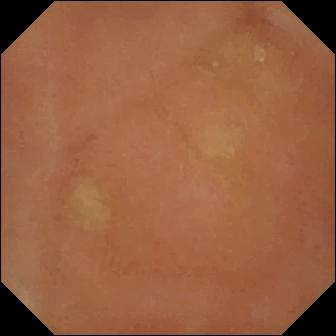Small-bowel capsule endoscopy still (small bowel). Normal clean mucosa.